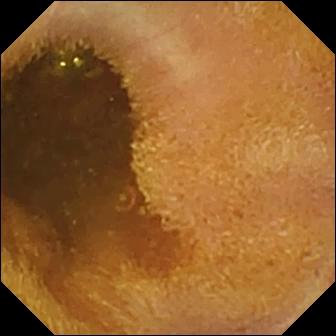Foreign body (e.g. retained capsule, tablet residue) — capsule endoscopy view.